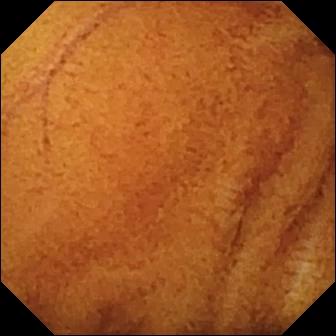Capsule endoscopy frame showing normal clean mucosa.